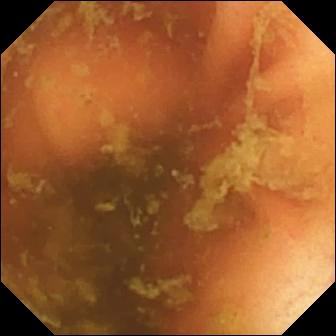WCE frame taken in the ileo-cecal valve region.